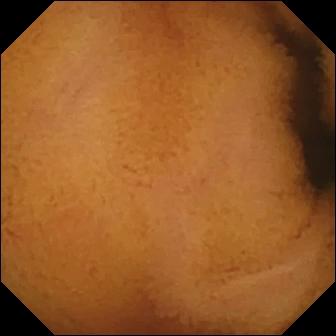WCE snapshot of the small bowel showing normal clean mucosa.